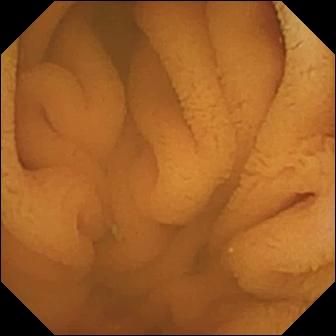Wireless capsule endoscopy snapshot, small bowel
Label: normal clean mucosa